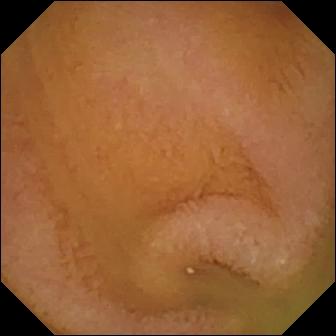Video capsule endoscopy. Small intestine. Impression: normal clean mucosa.